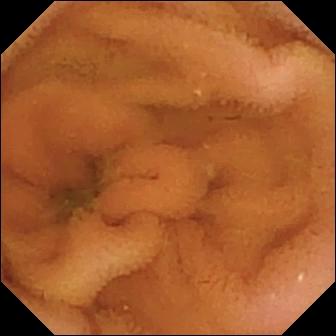This capsule endoscopy image of the small bowel shows normal clean mucosa.